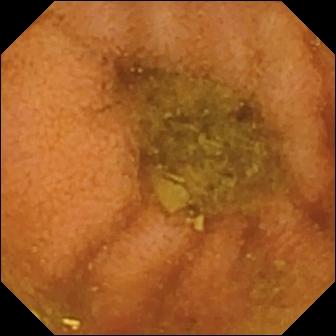modality: wireless capsule endoscopy; segment: small intestine; category: luminal finding; finding: normal clean mucosa